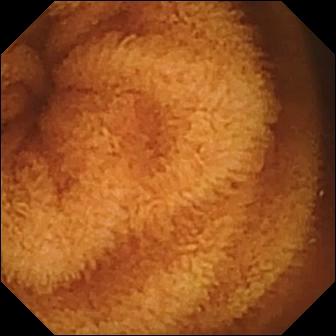modality: video capsule endoscopy | observation: normal clean mucosa